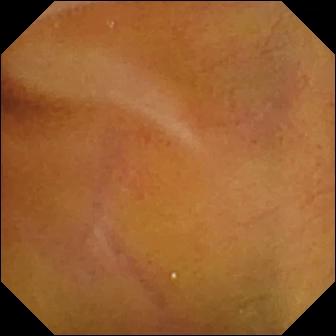WCE — normal clean mucosa.